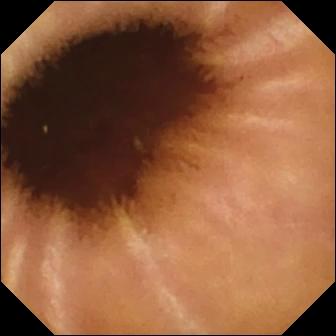Small-bowel capsule endoscopy view showing normal clean mucosa.